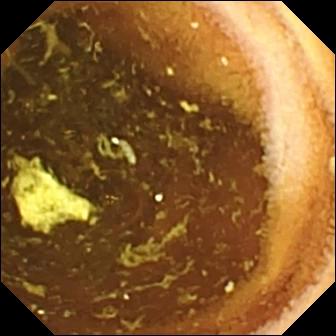WCE frame of the small intestine showing normal clean mucosa.